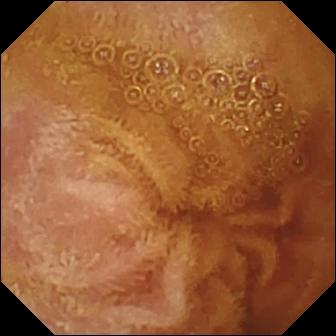{"modality": "WCE", "segment": "small intestine", "finding": "normal clean mucosa"}